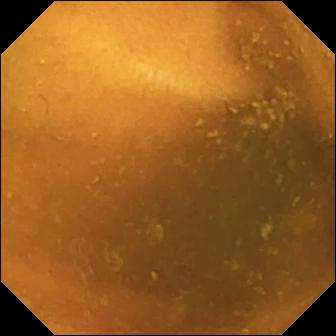Q: What does this small-bowel capsule endoscopy image of the small bowel show?
A: Normal clean mucosa.